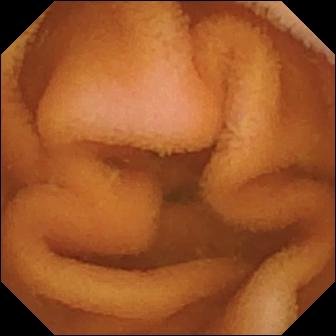WCE — normal clean mucosa.